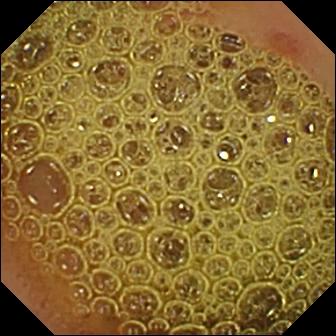WCE. Luminal finding. Label: erosion.